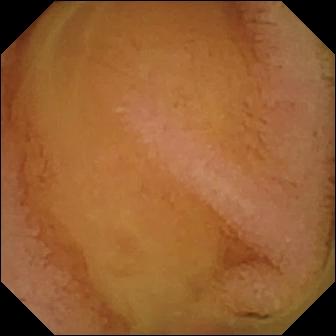modality: small-bowel capsule endoscopy | segment: small bowel | finding: normal clean mucosa